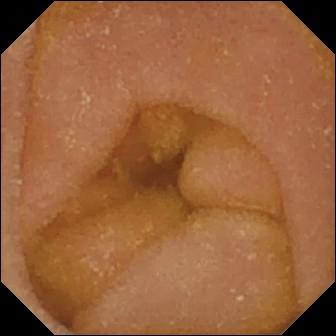WCE image, small intestine
Observation: normal clean mucosa